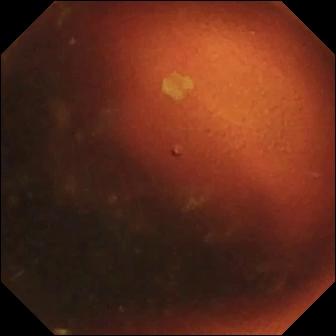{"modality": "small-bowel capsule endoscopy", "video_segment": "ileo-cecal valve region (the transition from the small bowel to the large bowel)"}